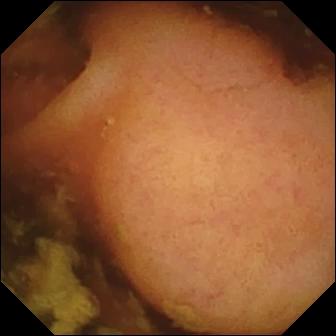Polyp — capsule endoscopy still.